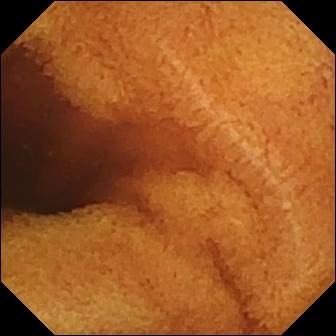Normal clean mucosa — small-bowel capsule endoscopy frame of the small bowel.